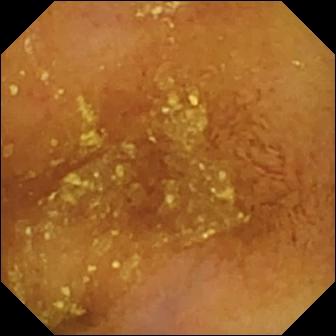Small-bowel capsule endoscopy — normal clean mucosa.